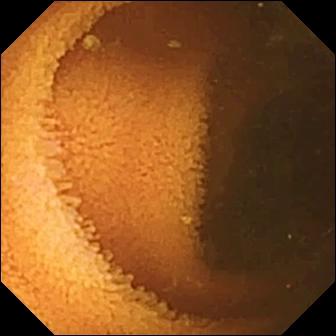{"modality": "WCE", "segment": "small bowel", "category": "luminal finding", "finding": "normal clean mucosa"}